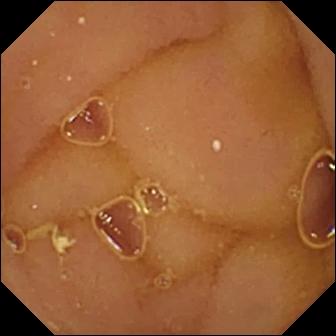Q: What does this capsule endoscopy view show?
A: Normal clean mucosa.